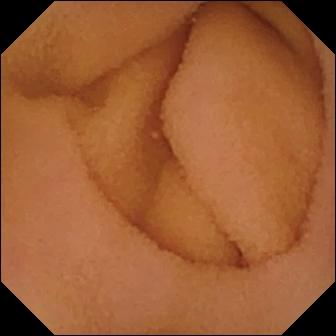{"modality": "WCE", "segment": "small intestine", "category": "luminal finding", "finding": "normal clean mucosa"}